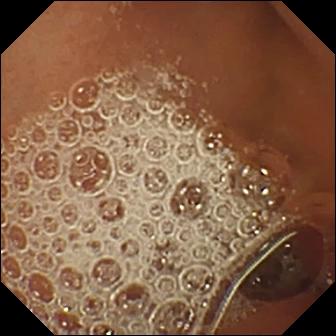Normal clean mucosa — video capsule endoscopy view.